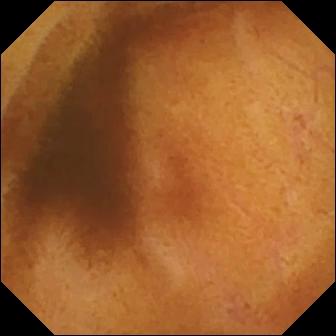- modality: wireless capsule endoscopy
- segment: small intestine
- label: normal clean mucosa